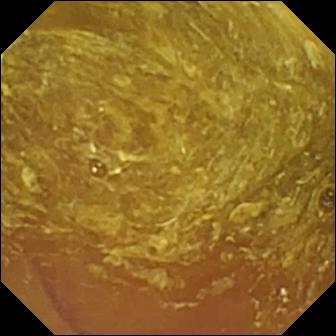{"modality": "small-bowel capsule endoscopy", "segment": "small intestine", "category": "luminal finding", "finding": "reduced mucosal view (content or bubbles obscuring the mucosa)"}